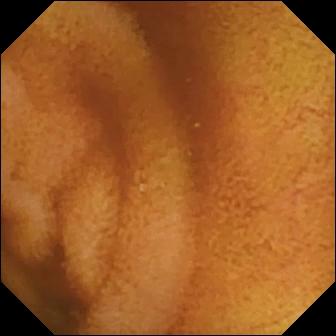modality: WCE | category: luminal finding | impression: normal clean mucosa